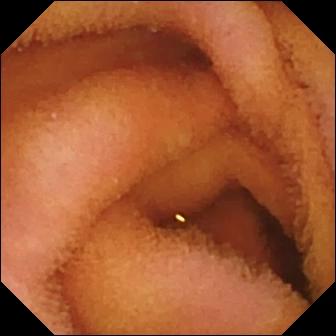Normal clean mucosa — capsule endoscopy frame.